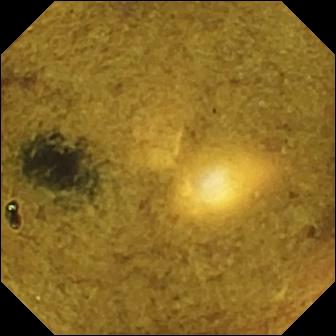Small-bowel capsule endoscopy — ileo-cecal valve region.